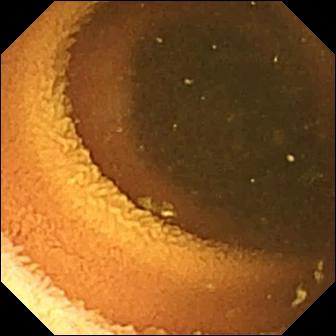{"modality": "WCE", "segment": "small bowel", "finding": "normal clean mucosa"}